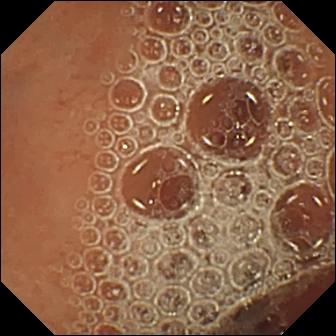Small-bowel capsule endoscopy frame. Normal clean mucosa.